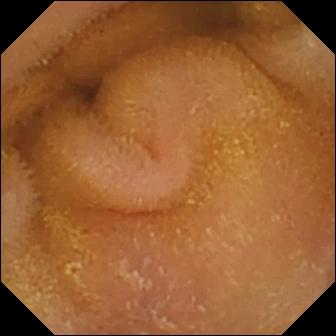- modality: wireless capsule endoscopy
- segment: small intestine
- impression: normal clean mucosa